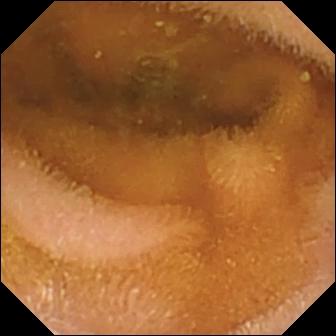Small-bowel capsule endoscopy frame (small intestine). Normal clean mucosa.